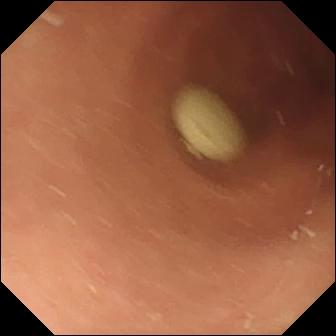PROCEDURE: WCE.
FINDINGS: Foreign body (e.g. retained capsule, tablet residue).